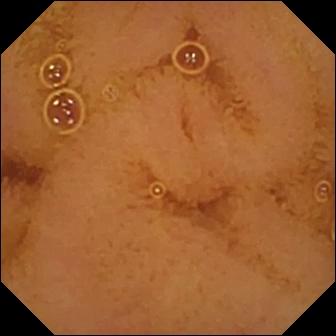{"modality": "small-bowel capsule endoscopy", "finding": "normal clean mucosa"}